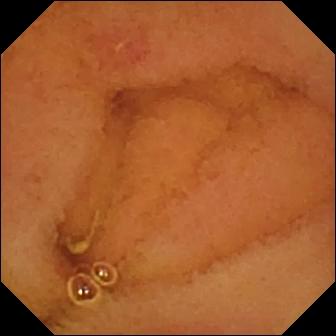modality: video capsule endoscopy
category: luminal finding
observation: erosion